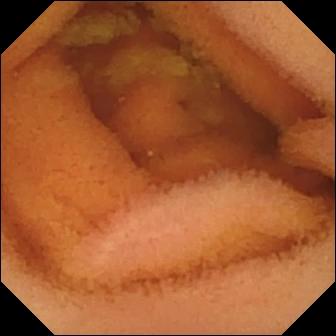Normal clean mucosa — wireless capsule endoscopy view of the small bowel.